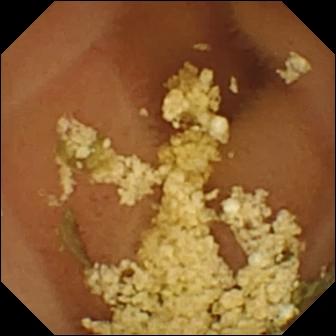Normal clean mucosa.